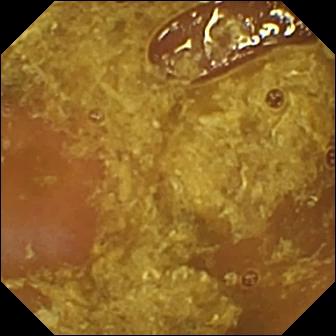Q: What does this wireless capsule endoscopy view of the small intestine show?
A: Reduced mucosal view (content or bubbles obscuring the mucosa).